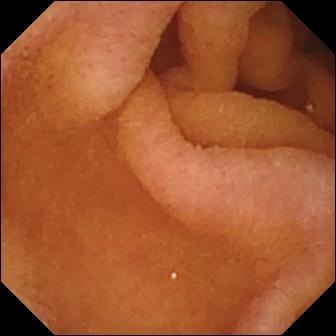- modality: video capsule endoscopy
- category: anatomical landmark
- location: pylorus region (where the capsule passes from the stomach into the small bowel)